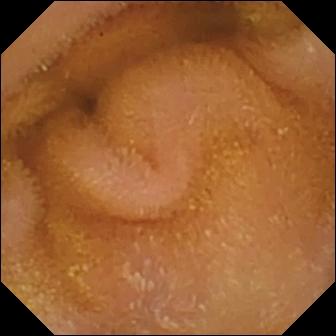VCE view
Finding: normal clean mucosa